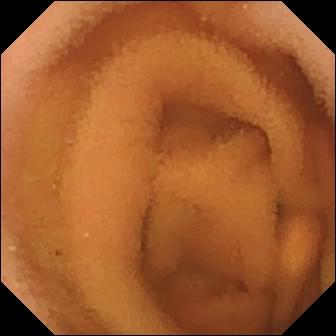PROCEDURE: WCE.
FINDINGS: Normal clean mucosa.